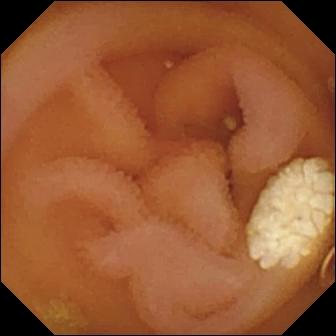VCE frame. Lymphangiectasia.